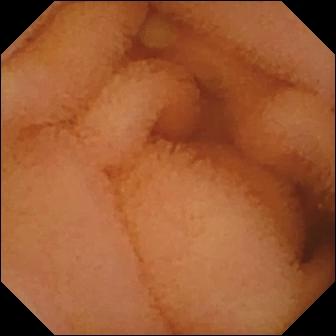PROCEDURE: Capsule endoscopy.
SEGMENT: Small intestine.
FINDINGS: Normal clean mucosa.